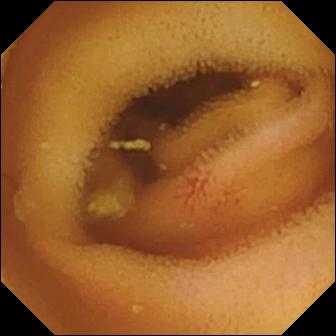Angiectasia — capsule endoscopy snapshot.